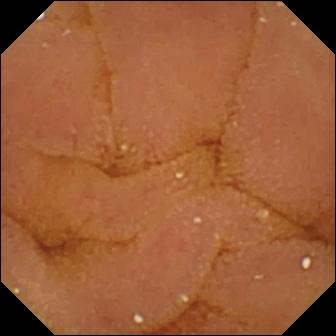Small-bowel capsule endoscopy. Small intestine. Label: normal clean mucosa.